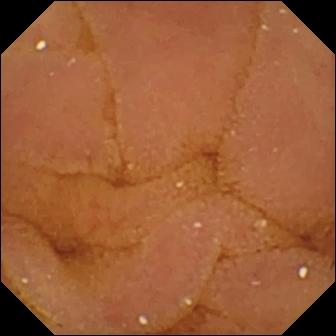{"modality": "WCE", "category": "luminal finding", "finding": "normal clean mucosa"}